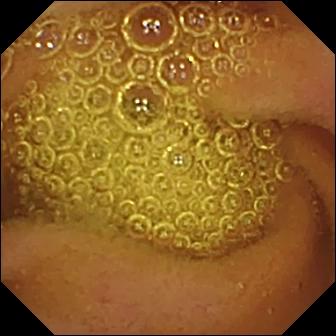Small-bowel capsule endoscopy — normal clean mucosa.